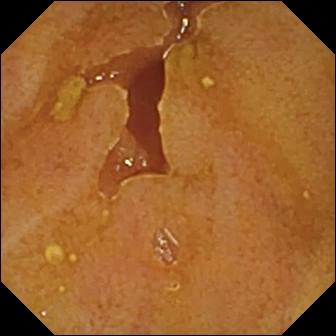WCE snapshot taken in the ileo-cecal valve region (the transition from the small bowel to the large bowel).